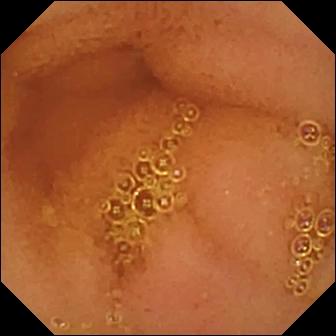{"modality": "capsule endoscopy", "segment": "small bowel", "category": "luminal finding", "finding": "normal clean mucosa"}